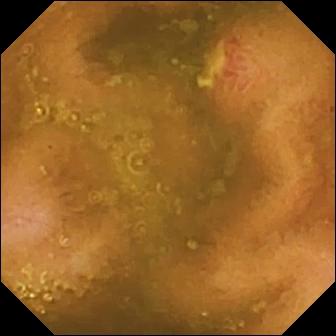Wireless capsule endoscopy view showing ulcer.